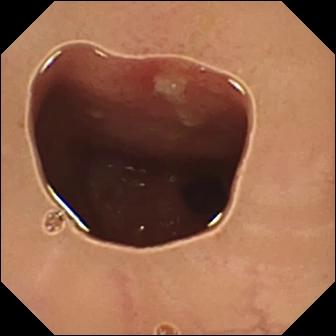Ulcer — capsule endoscopy image.